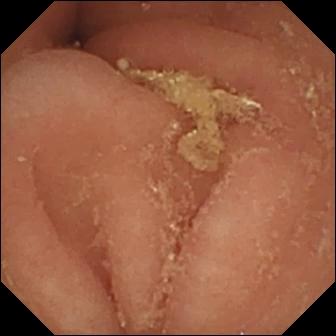WCE view taken in the pylorus region (where the capsule passes from the stomach into the small bowel).